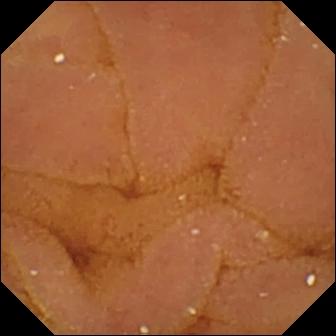{"modality": "VCE", "category": "luminal finding", "finding": "normal clean mucosa"}